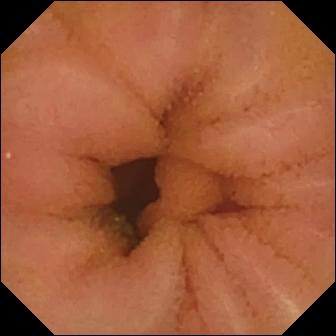Normal clean mucosa — wireless capsule endoscopy image.